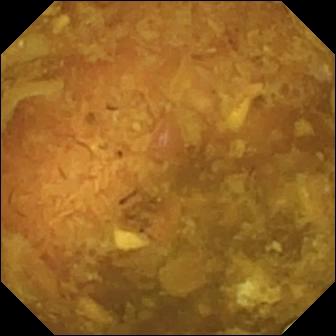{"modality": "capsule endoscopy", "finding": "reduced mucosal view (content or bubbles obscuring the mucosa)"}